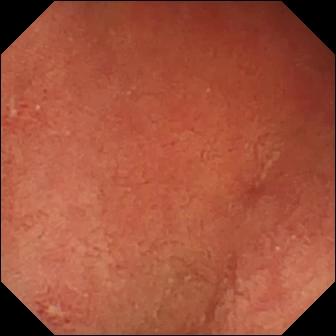Erosion — video capsule endoscopy frame.